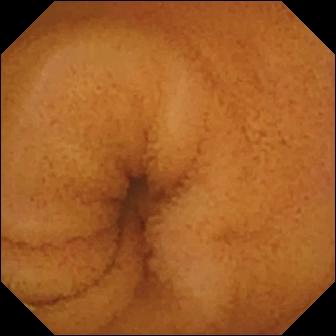PROCEDURE: WCE.
SEGMENT: Small bowel.
FINDINGS: Normal clean mucosa.